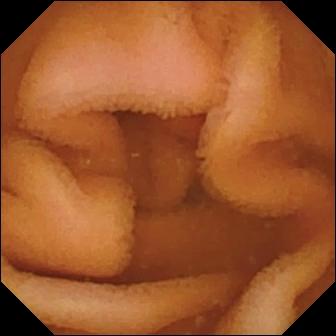Q: What does this video capsule endoscopy frame of the small intestine show?
A: Normal clean mucosa.